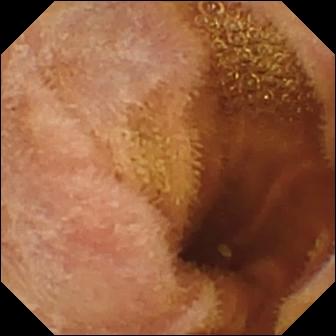VCE — normal clean mucosa.